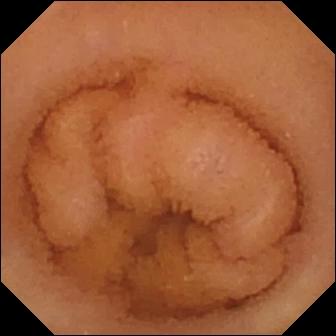Q: What does this VCE still show?
A: Normal clean mucosa.